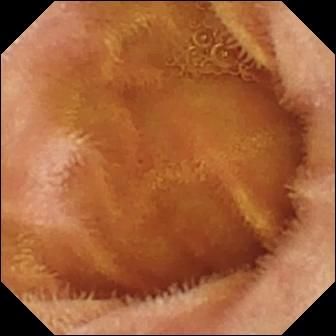Small-bowel capsule endoscopy image
Label: normal clean mucosa